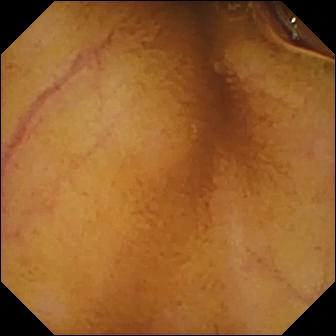VCE. Observation: normal clean mucosa.